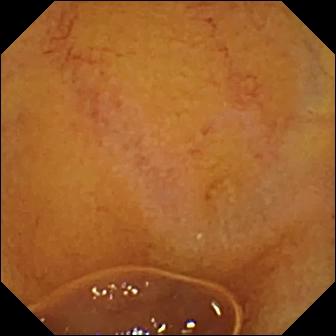PROCEDURE: WCE.
FINDINGS: Normal clean mucosa.